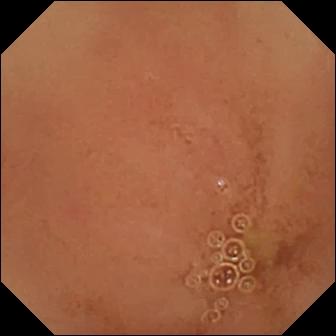PROCEDURE: Small-bowel capsule endoscopy.
FINDINGS: Normal clean mucosa.